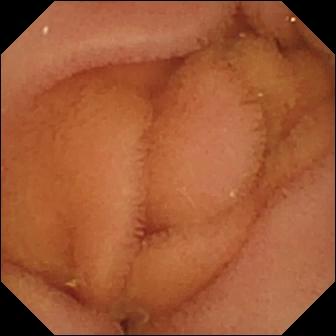Video capsule endoscopy still, small intestine
Label: normal clean mucosa